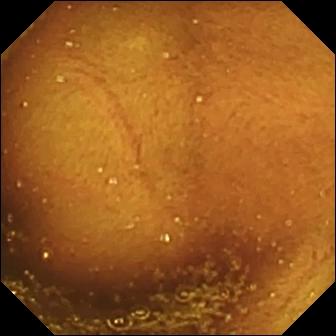This small-bowel capsule endoscopy still was taken in the ileo-cecal valve region (where the capsule passes from the small bowel into the large bowel).